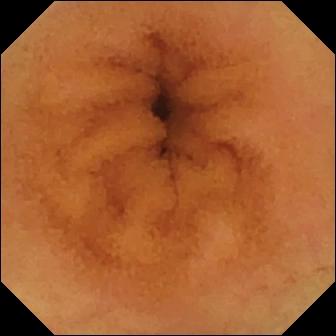modality: wireless capsule endoscopy
segment: small intestine
impression: normal clean mucosa